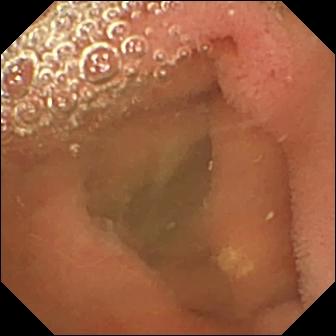- modality: WCE
- category: luminal finding
- observation: lymphangiectasia